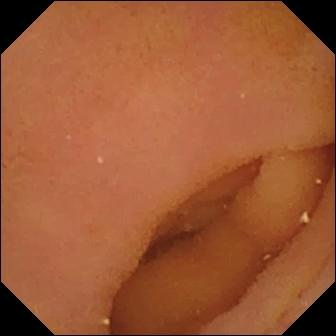Capsule endoscopy view, 336×336. Taken in the pylorus region (the junction between the stomach and the small bowel).